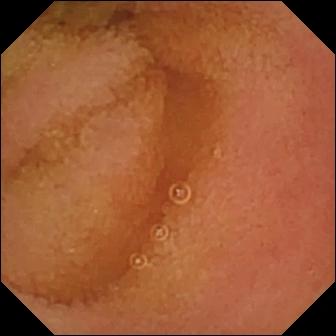Wireless capsule endoscopy image of the small bowel showing normal clean mucosa.